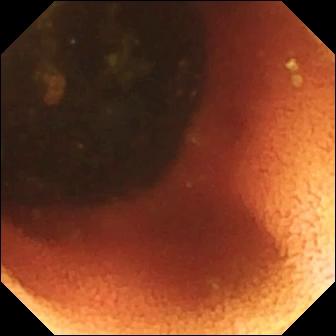Capsule endoscopy frame taken in the ileo-cecal valve region.